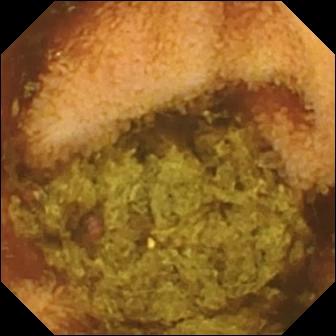Q: What does this wireless capsule endoscopy still of the small intestine show?
A: Normal clean mucosa.